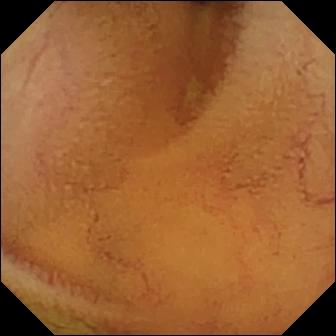PROCEDURE: WCE.
SEGMENT: Small intestine.
FINDINGS: Normal clean mucosa.